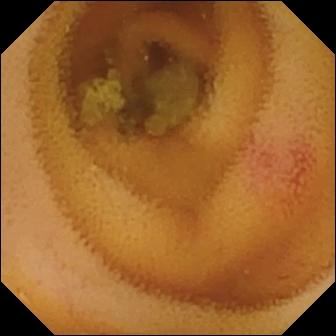- modality: small-bowel capsule endoscopy
- impression: angiectasia